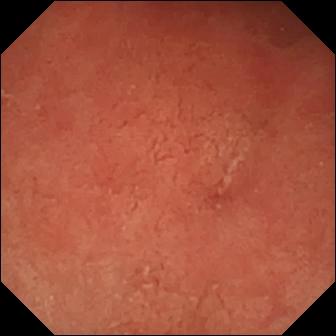Video capsule endoscopy snapshot taken in the pylorus region (where the capsule passes from the stomach into the small bowel).